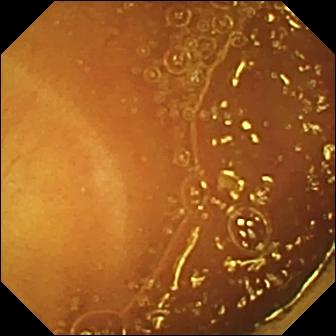{"modality": "capsule endoscopy", "finding": "normal clean mucosa"}